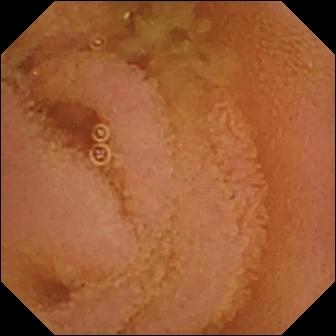Normal clean mucosa.